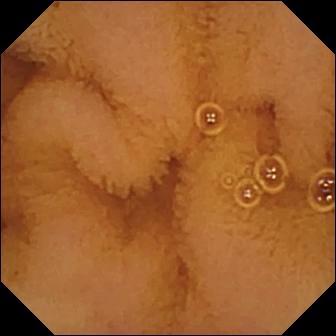{"modality": "capsule endoscopy", "segment": "small intestine", "finding": "normal clean mucosa"}